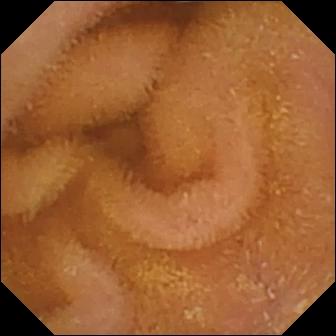Q: What does this wireless capsule endoscopy snapshot show?
A: Normal clean mucosa.